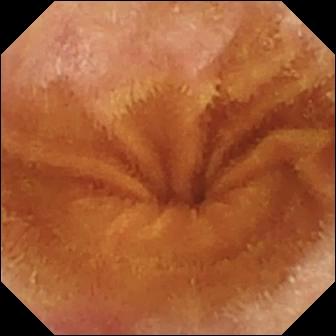Small-bowel capsule endoscopy view (small bowel), 336×336. Normal clean mucosa.